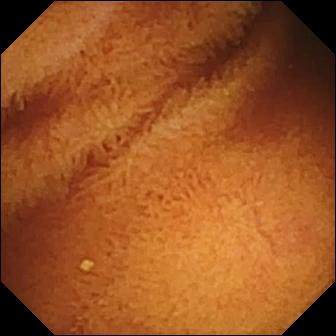Normal clean mucosa — small-bowel capsule endoscopy image.